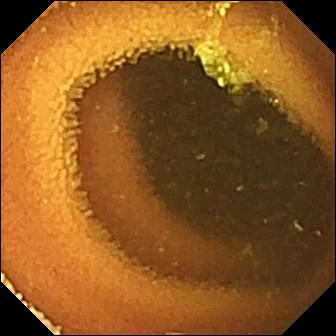{"modality": "small-bowel capsule endoscopy", "segment": "small bowel", "category": "luminal finding", "finding": "normal clean mucosa"}